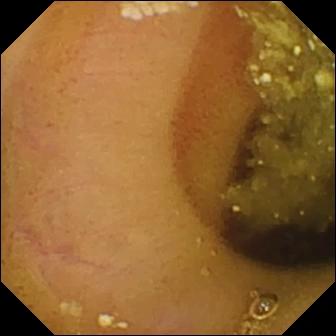modality: small-bowel capsule endoscopy
category: luminal finding
finding: lymphangiectasia